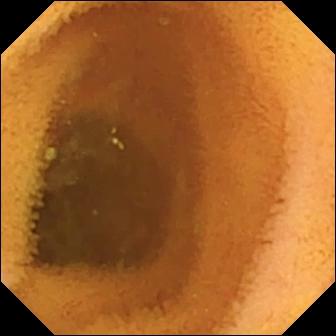{"modality": "VCE", "segment": "small intestine", "finding": "normal clean mucosa"}